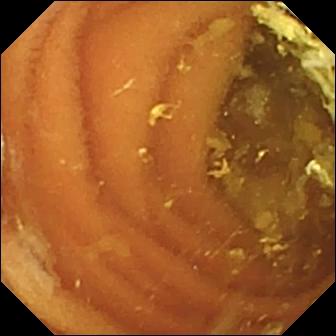This small-bowel capsule endoscopy image of the small intestine shows normal clean mucosa.